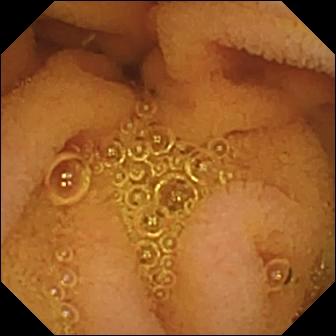WCE. Small bowel. Impression: normal clean mucosa.